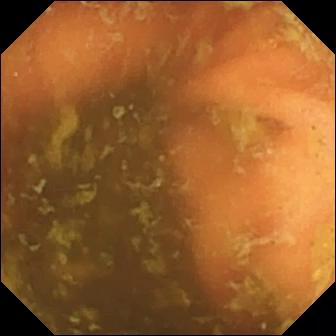Capsule endoscopy. Position: ileo-cecal valve region (the transition from the small bowel to the large bowel).